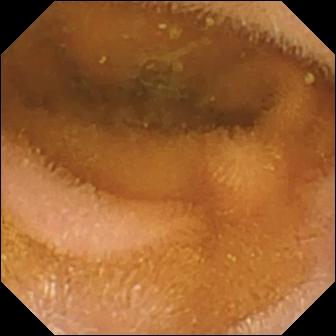modality: video capsule endoscopy; impression: normal clean mucosa